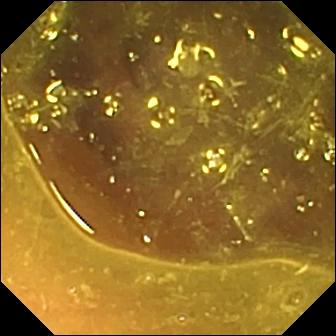Video capsule endoscopy. Small bowel. Label: reduced mucosal view (content or bubbles obscuring the mucosa).